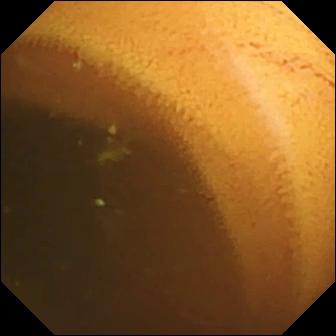PROCEDURE: Capsule endoscopy.
SEGMENT: Small bowel.
FINDINGS: Normal clean mucosa.